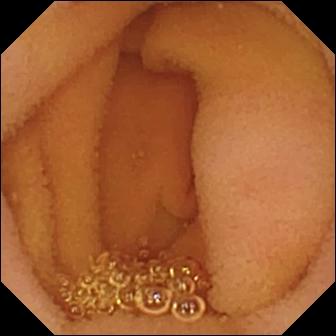Normal clean mucosa — wireless capsule endoscopy snapshot of the small bowel.